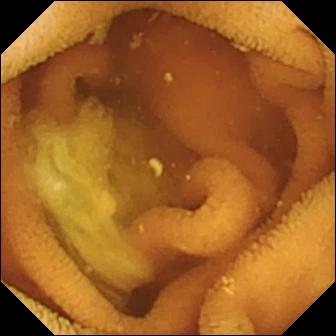modality: VCE; category: luminal finding; observation: normal clean mucosa